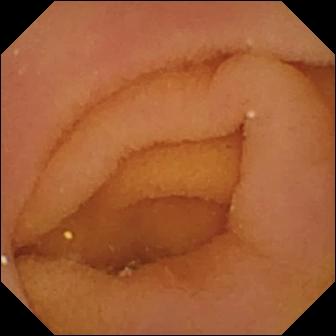This capsule endoscopy still was taken in the pylorus region (where the capsule passes from the stomach into the small bowel).